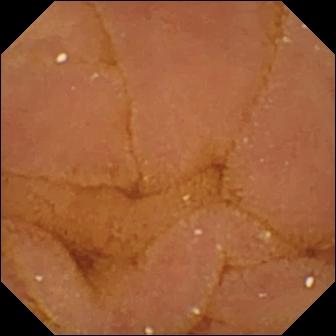Normal clean mucosa — VCE still of the small intestine.